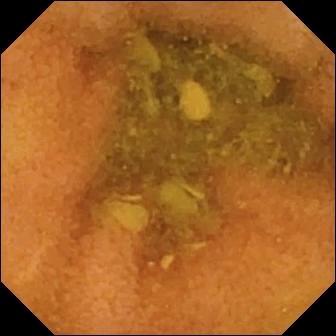{"modality": "video capsule endoscopy", "segment": "small bowel", "finding": "normal clean mucosa"}